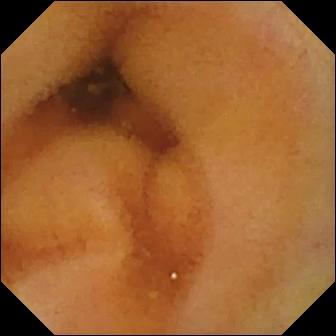Normal clean mucosa — video capsule endoscopy frame.